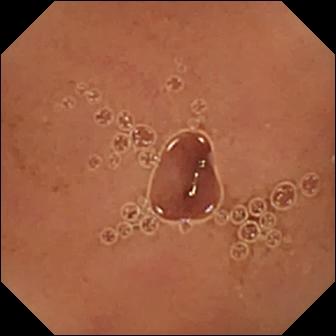VCE image showing normal clean mucosa.